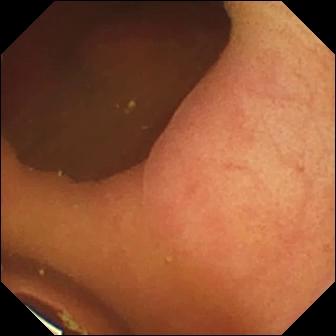Capsule endoscopy — foreign body (e.g. retained capsule, tablet residue).